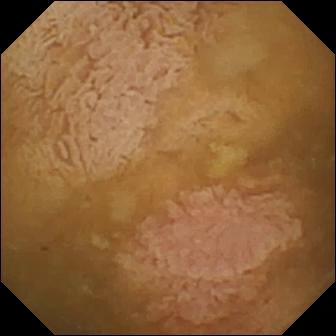modality: wireless capsule endoscopy
video segment: ileo-cecal valve region (the transition from the small bowel to the large bowel)